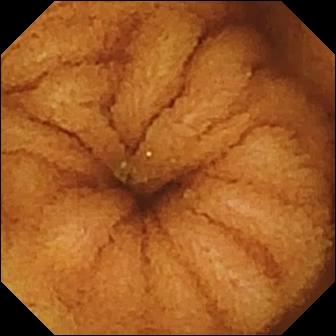VCE image. Normal clean mucosa.